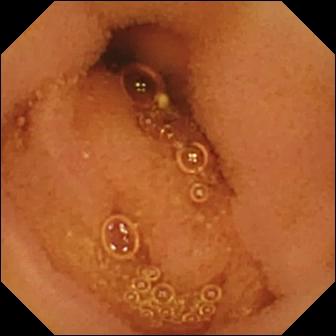PROCEDURE: VCE.
SEGMENT: Small intestine.
FINDINGS: Normal clean mucosa.